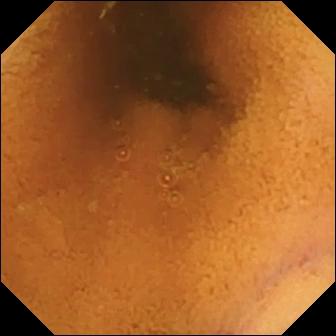Normal clean mucosa — VCE frame of the small intestine.